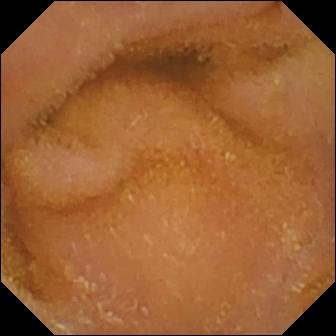- modality: WCE
- segment: small intestine
- finding: normal clean mucosa